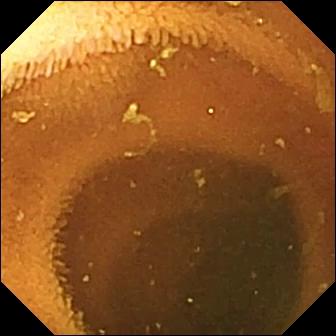Q: What does this video capsule endoscopy image show?
A: Normal clean mucosa.